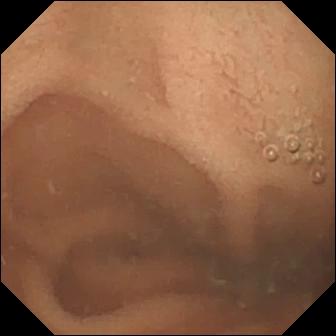Q: What does this video capsule endoscopy still of the small bowel show?
A: Normal clean mucosa.